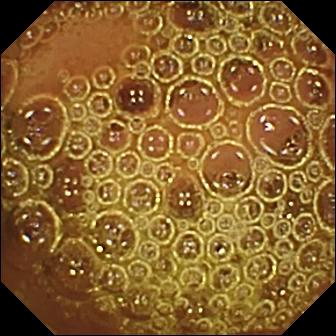This small-bowel capsule endoscopy snapshot shows normal clean mucosa.